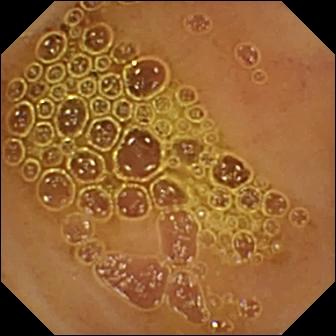Q: What does this wireless capsule endoscopy image show?
A: Normal clean mucosa.